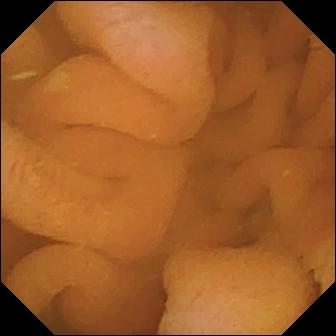This video capsule endoscopy snapshot shows normal clean mucosa.